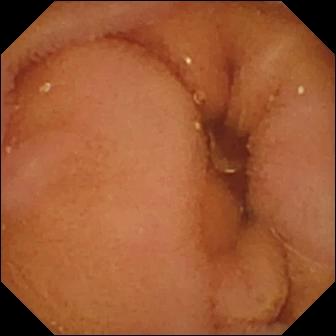Video capsule endoscopy still showing normal clean mucosa.